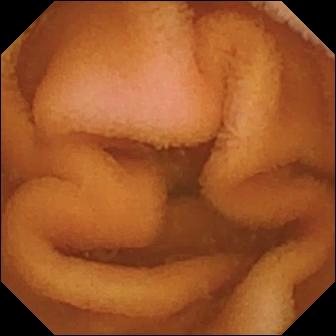{"modality": "video capsule endoscopy", "finding": "normal clean mucosa"}